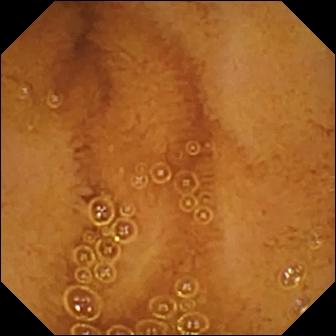Small-bowel capsule endoscopy — normal clean mucosa.